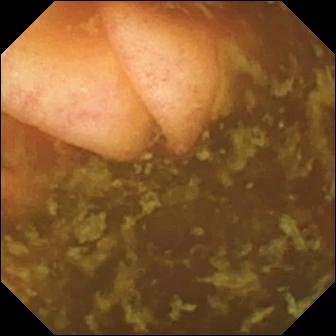Ileo-cecal valve region — wireless capsule endoscopy image.